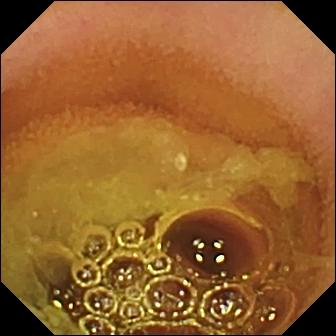modality: WCE
category: luminal finding
impression: normal clean mucosa